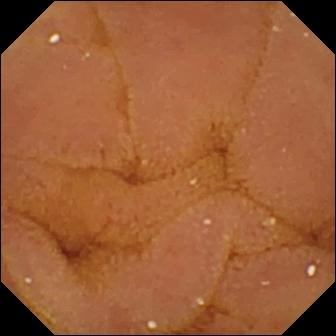Small-bowel capsule endoscopy snapshot showing normal clean mucosa.